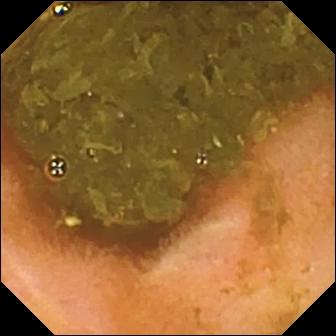Small-bowel capsule endoscopy frame. Taken in the ileo-cecal valve region.